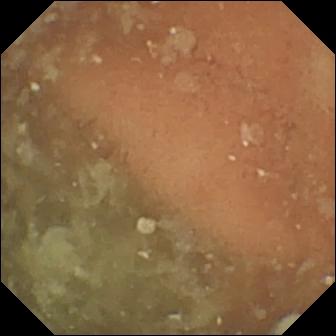Wireless capsule endoscopy still, small intestine
Observation: normal clean mucosa